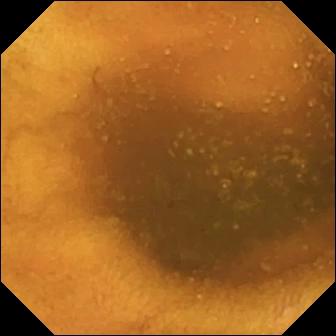VCE. Impression: normal clean mucosa.